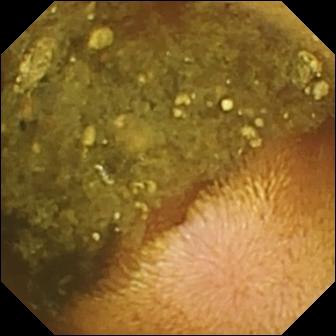This WCE snapshot of the small bowel shows reduced mucosal view (content or bubbles obscuring the mucosa).